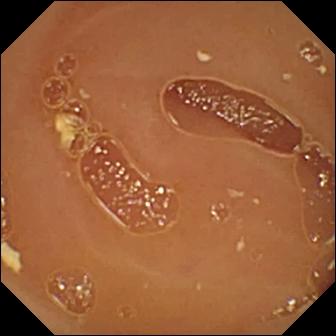Wireless capsule endoscopy snapshot (small bowel). Normal clean mucosa.